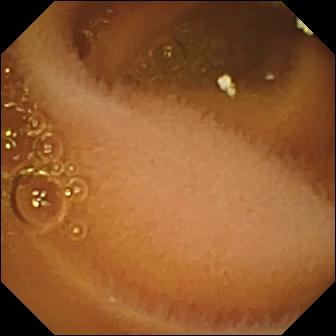Wireless capsule endoscopy — normal clean mucosa.